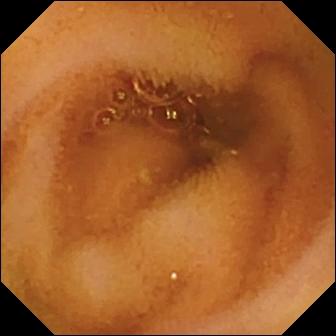Normal clean mucosa.